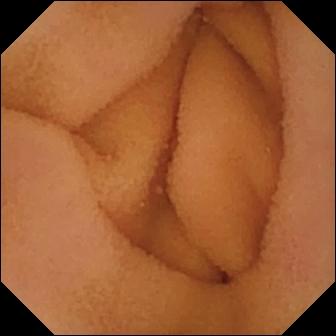PROCEDURE: Video capsule endoscopy.
SEGMENT: Small bowel.
FINDINGS: Normal clean mucosa.